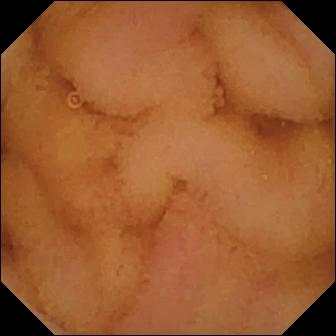Q: What does this WCE snapshot of the small bowel show?
A: Normal clean mucosa.